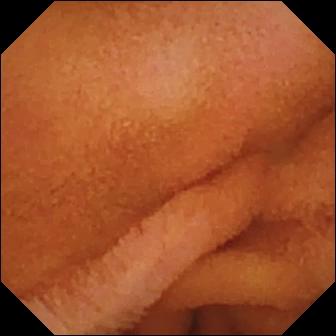VCE snapshot of the small intestine showing normal clean mucosa.